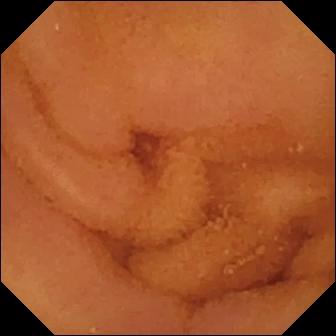modality: WCE
segment: small bowel
category: luminal finding
impression: normal clean mucosa